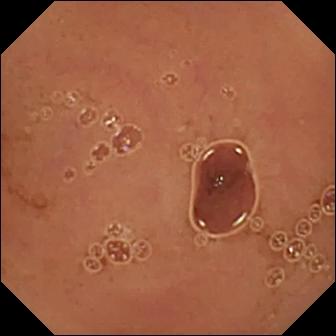This small-bowel capsule endoscopy view of the small bowel shows normal clean mucosa.